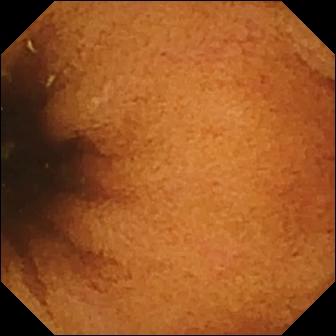Q: What does this wireless capsule endoscopy image of the small bowel show?
A: Normal clean mucosa.